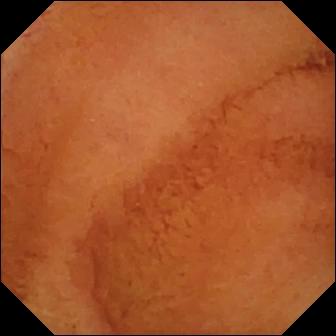Normal clean mucosa — WCE still of the small intestine.